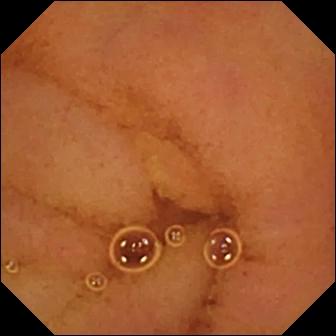- modality: VCE
- segment: small intestine
- category: luminal finding
- impression: normal clean mucosa